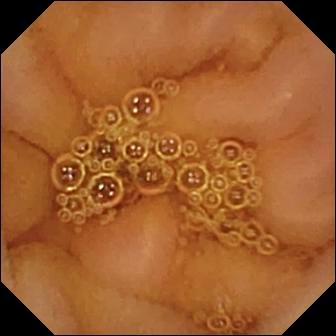VCE image showing normal clean mucosa.